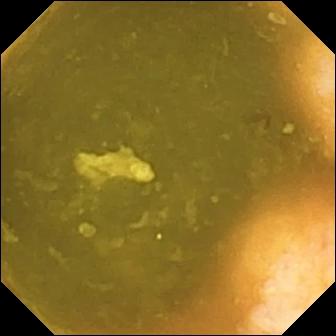WCE. Location: ileo-cecal valve region (the transition from the small bowel to the large bowel).